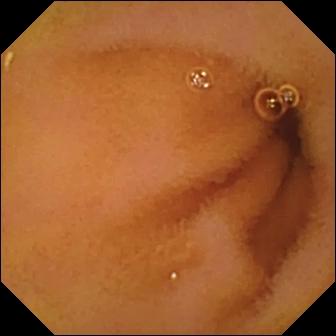- modality: WCE
- category: luminal finding
- label: normal clean mucosa